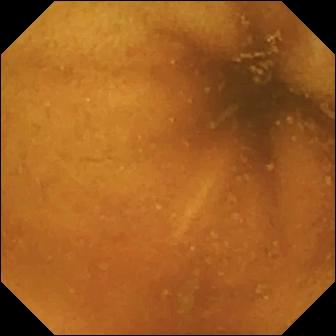Normal clean mucosa — wireless capsule endoscopy image.